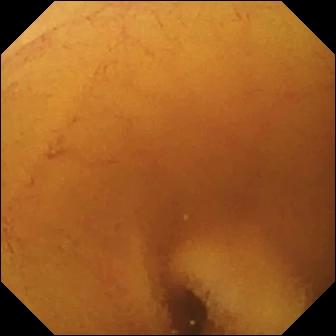Q: What does this video capsule endoscopy snapshot of the small bowel show?
A: Normal clean mucosa.